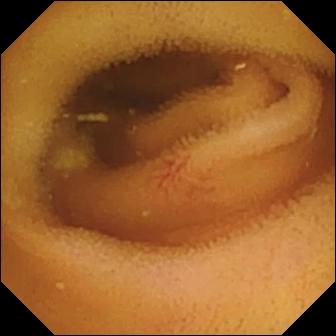Video capsule endoscopy image, 336×336. Angiectasia.